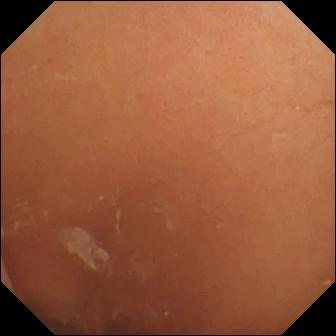{"modality": "capsule endoscopy", "finding": "normal clean mucosa"}